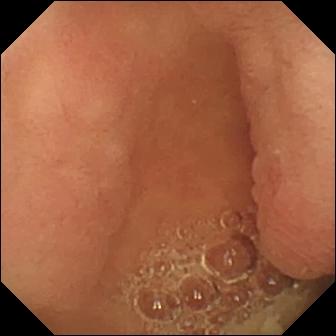modality: small-bowel capsule endoscopy | position: pylorus region